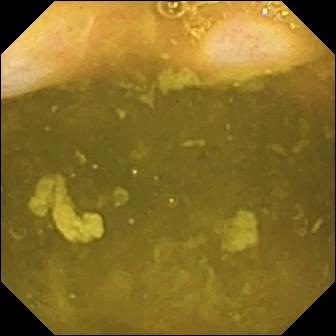Ileo-cecal valve region (where the capsule passes from the small bowel into the large bowel) — capsule endoscopy view.